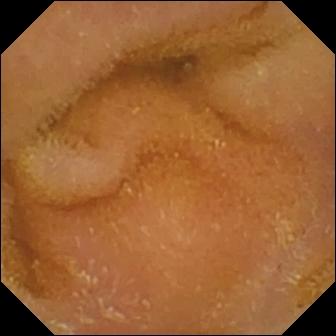Small-bowel capsule endoscopy snapshot (small bowel). Normal clean mucosa.